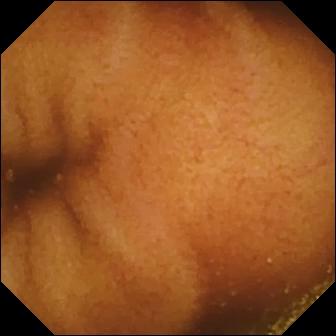- modality: small-bowel capsule endoscopy
- segment: small intestine
- category: luminal finding
- label: normal clean mucosa